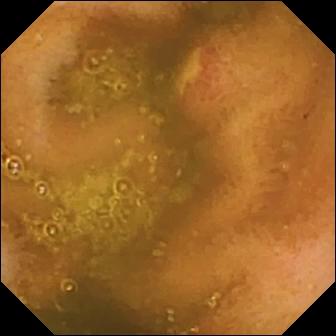WCE frame
Observation: ulcer